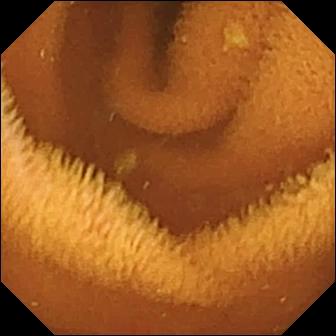Wireless capsule endoscopy frame of the small bowel showing normal clean mucosa.